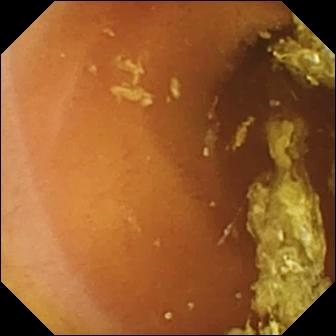Normal clean mucosa.